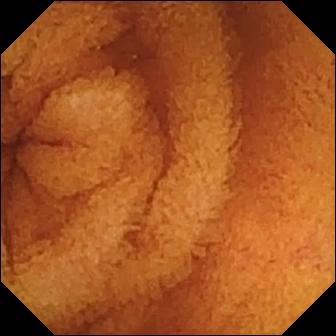modality: small-bowel capsule endoscopy
category: luminal finding
impression: normal clean mucosa